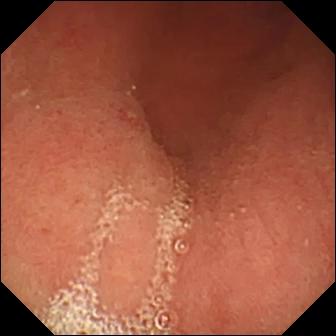VCE snapshot showing erosion.